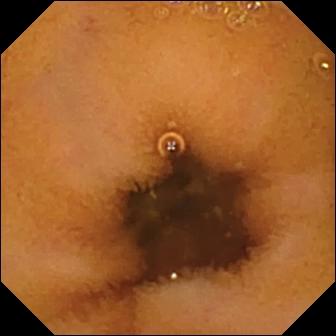Q: What does this capsule endoscopy frame show?
A: Normal clean mucosa.